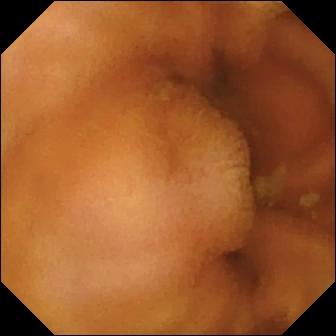Small-bowel capsule endoscopy still. Normal clean mucosa.